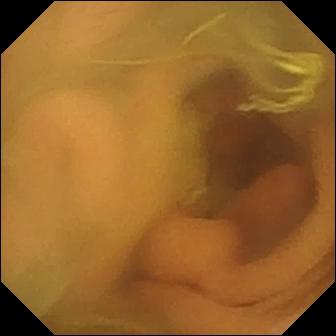Q: What does this VCE snapshot show?
A: Normal clean mucosa.